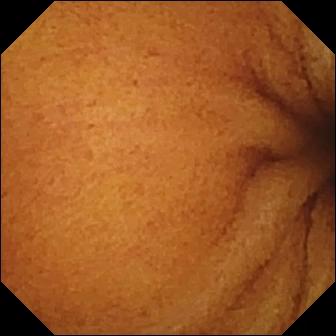Q: What does this video capsule endoscopy image show?
A: Normal clean mucosa.